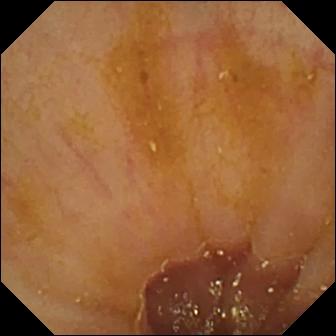- modality: VCE
- label: ileo-cecal valve region (where the capsule passes from the small bowel into the large bowel)